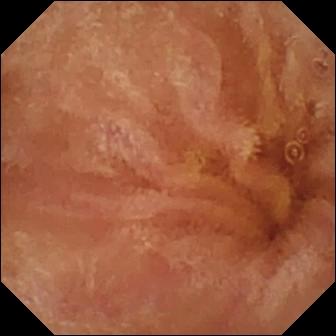modality: video capsule endoscopy
segment: small bowel
observation: normal clean mucosa